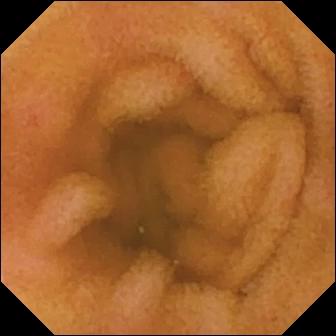WCE snapshot showing erythema (mucosal redness).